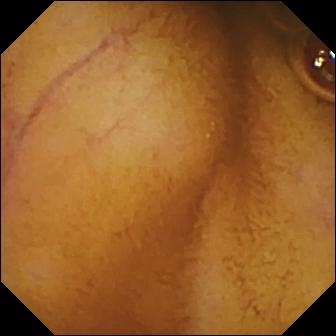Normal clean mucosa — capsule endoscopy snapshot.